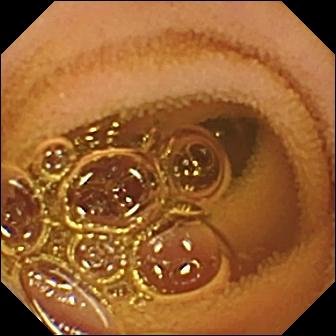Q: What does this wireless capsule endoscopy image show?
A: Normal clean mucosa.